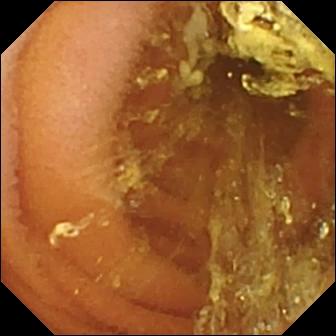modality: WCE
label: normal clean mucosa